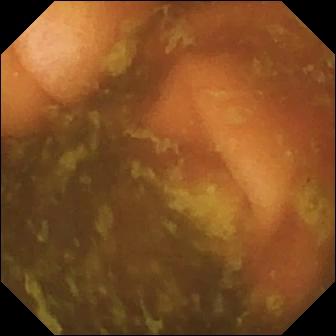Ileo-cecal valve region — WCE image.